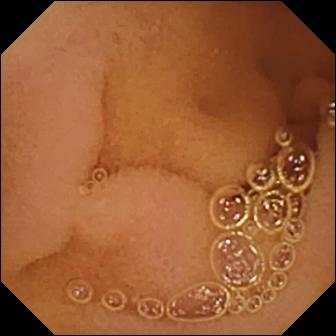VCE image. Normal clean mucosa.